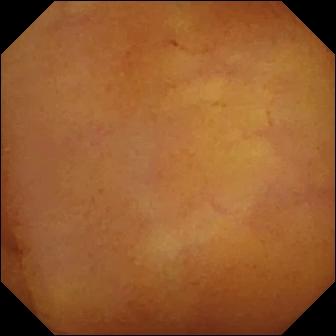Normal clean mucosa.